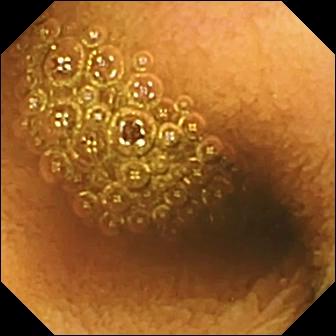PROCEDURE: VCE.
SEGMENT: Small bowel.
FINDINGS: Reduced mucosal view (content or bubbles obscuring the mucosa).